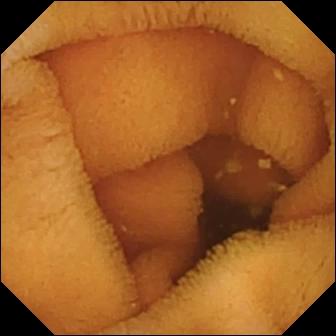VCE image (small bowel). Normal clean mucosa.